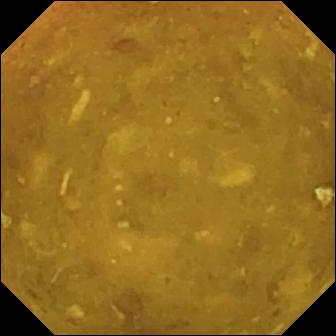PROCEDURE: Wireless capsule endoscopy.
FINDINGS: Reduced mucosal view (content or bubbles obscuring the mucosa).